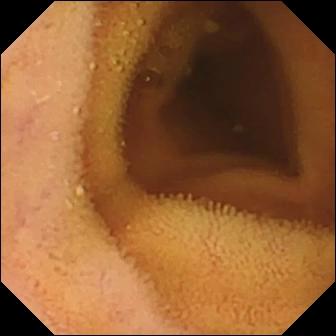Small-bowel capsule endoscopy snapshot, small intestine
Label: normal clean mucosa